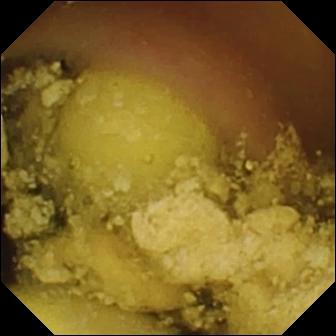Foreign body (e.g. retained capsule, tablet residue).